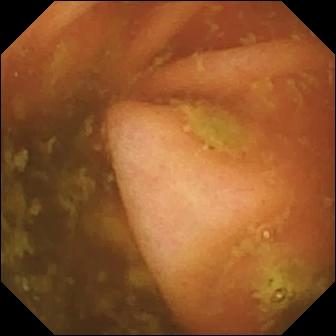- modality: wireless capsule endoscopy
- location: ileo-cecal valve region (where the capsule passes from the small bowel into the large bowel)